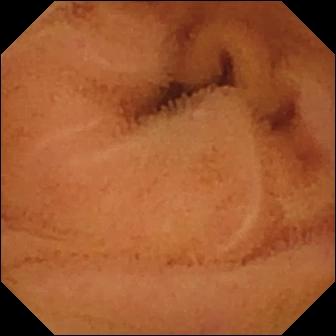Capsule endoscopy. Small bowel. Finding: normal clean mucosa.